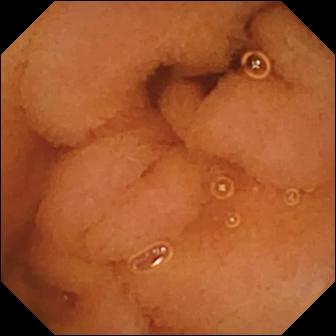{"modality": "small-bowel capsule endoscopy", "finding": "normal clean mucosa"}